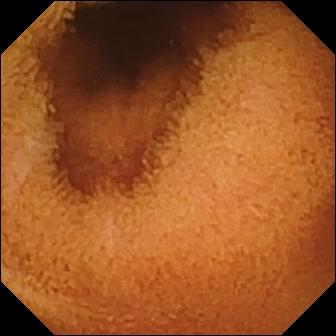Normal clean mucosa — VCE view of the small intestine.